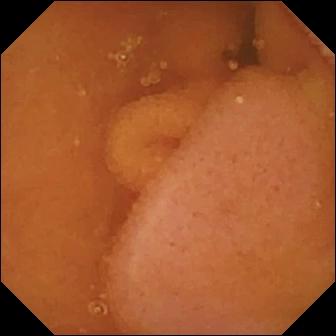This capsule endoscopy frame of the small intestine shows normal clean mucosa.